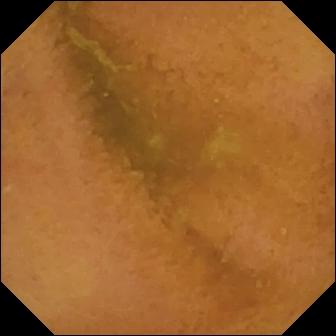This video capsule endoscopy snapshot shows normal clean mucosa.